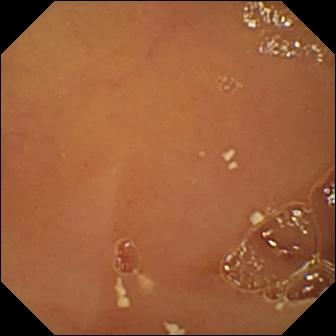WCE still
Observation: normal clean mucosa